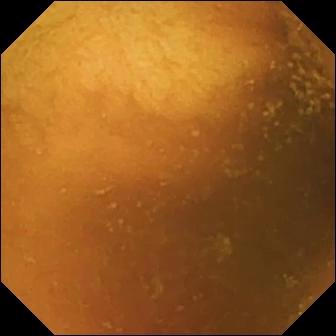Q: What does this WCE image show?
A: Normal clean mucosa.